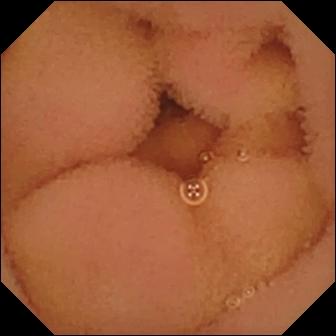Video capsule endoscopy image of the small bowel showing normal clean mucosa.